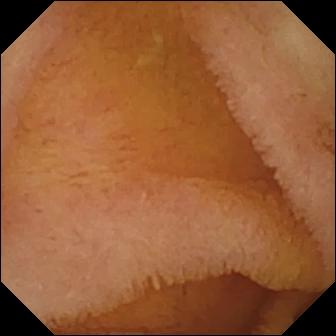VCE. Small intestine. Impression: normal clean mucosa.